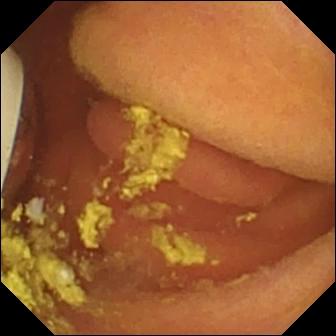Video capsule endoscopy image showing foreign body (e.g. retained capsule, tablet residue).